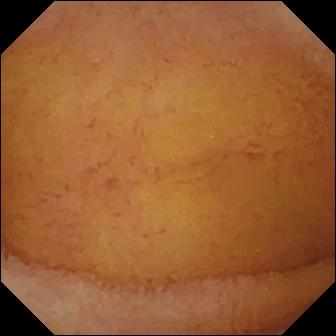WCE still showing normal clean mucosa.